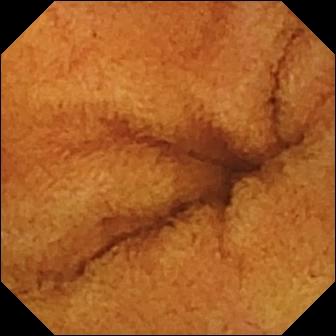Wireless capsule endoscopy still of the small bowel showing normal clean mucosa.